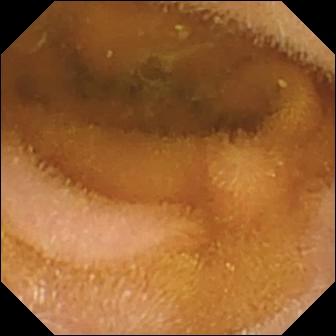WCE view showing normal clean mucosa.